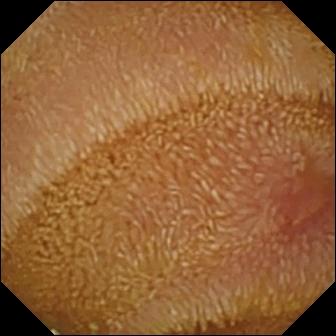Erosion — capsule endoscopy view.